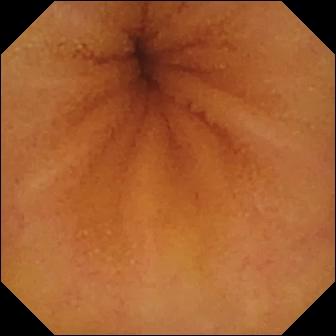Video capsule endoscopy frame
Label: normal clean mucosa